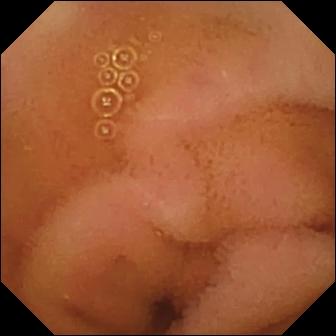This capsule endoscopy image shows normal clean mucosa.